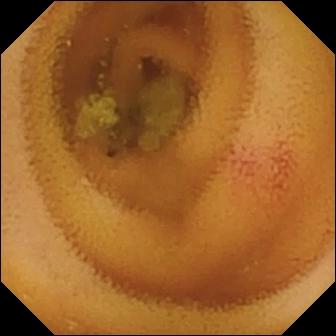Q: What does this VCE image show?
A: Angiectasia.